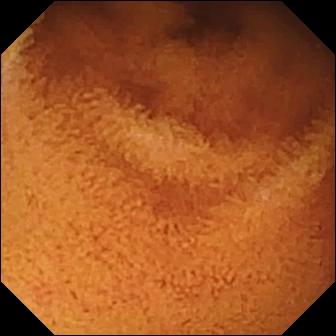- modality: wireless capsule endoscopy
- finding: normal clean mucosa